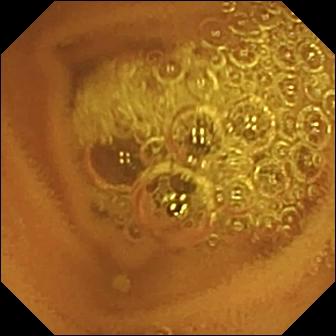{"modality": "capsule endoscopy", "finding": "normal clean mucosa"}